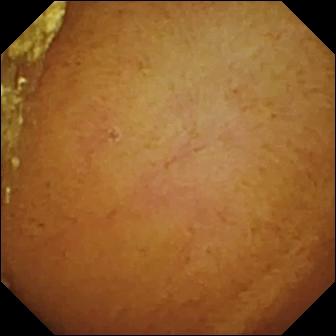Video capsule endoscopy — normal clean mucosa.